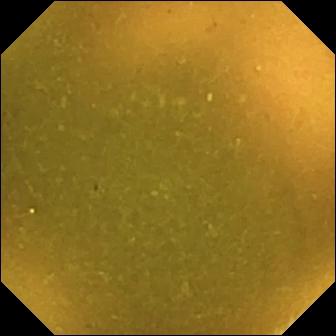Q: Where in the digestive tract was this WCE view taken?
A: Ileo-cecal valve region (the transition from the small bowel to the large bowel).